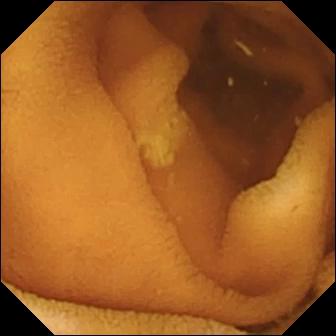{"modality": "wireless capsule endoscopy", "segment": "small bowel", "finding": "normal clean mucosa"}